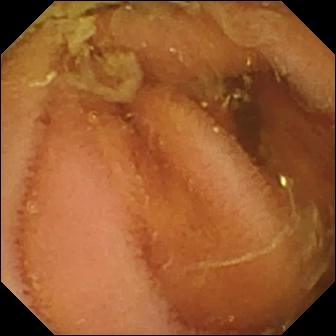Q: What does this WCE frame show?
A: Normal clean mucosa.